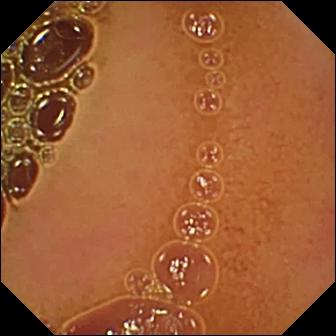This capsule endoscopy view of the small bowel shows normal clean mucosa.